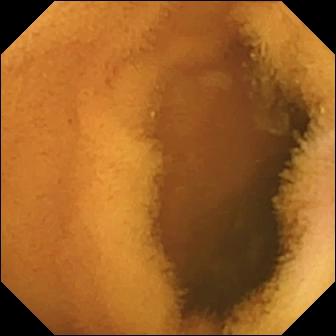This small-bowel capsule endoscopy frame of the small intestine shows normal clean mucosa.